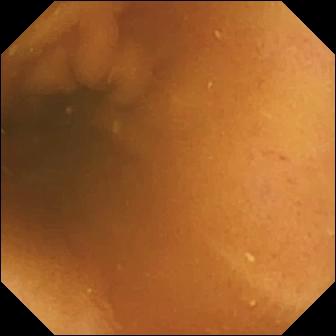modality: capsule endoscopy | observation: normal clean mucosa